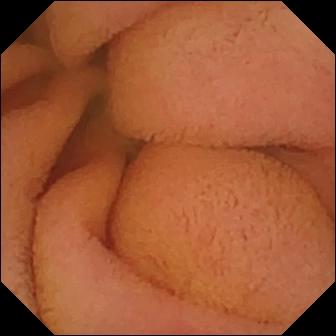modality: WCE; segment: small intestine; category: luminal finding; finding: normal clean mucosa